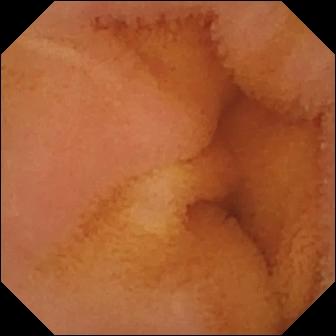Normal clean mucosa — small-bowel capsule endoscopy frame.